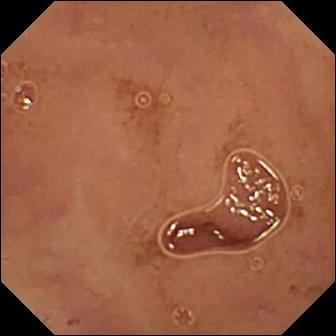Q: What does this small-bowel capsule endoscopy snapshot show?
A: Normal clean mucosa.